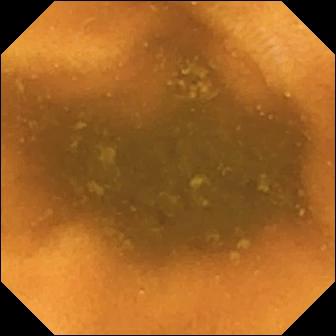Wireless capsule endoscopy frame. Normal clean mucosa.